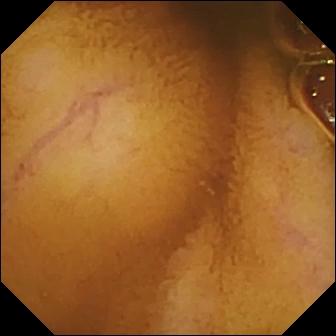This small-bowel capsule endoscopy frame of the small bowel shows normal clean mucosa.